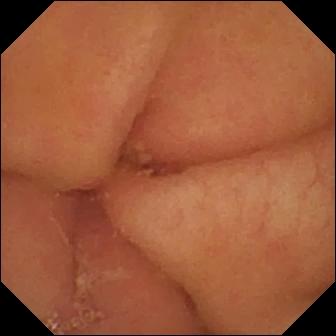Pylorus region — video capsule endoscopy frame.